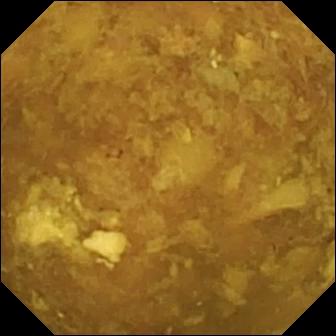- modality: video capsule endoscopy
- impression: reduced mucosal view (content or bubbles obscuring the mucosa)